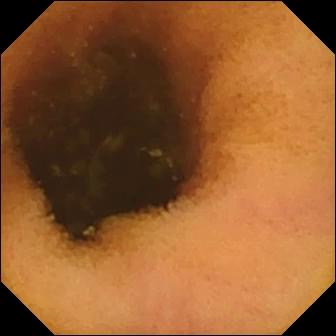WCE view of the small bowel showing normal clean mucosa.